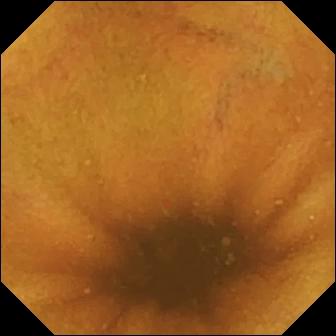Video capsule endoscopy image. Normal clean mucosa.